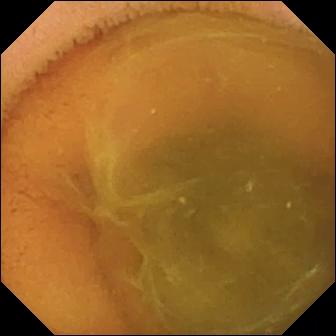PROCEDURE: VCE.
SEGMENT: Small bowel.
FINDINGS: Normal clean mucosa.